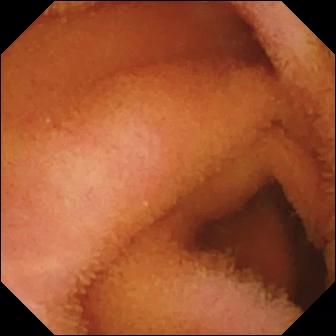This WCE view shows normal clean mucosa.